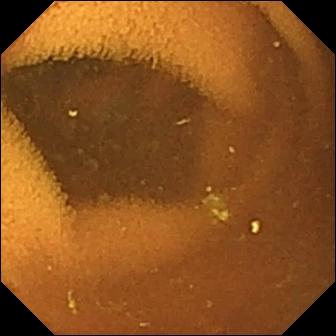Q: What does this VCE image show?
A: Normal clean mucosa.